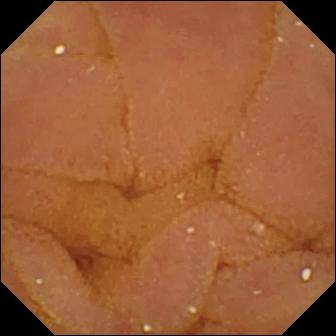Q: What does this VCE snapshot show?
A: Normal clean mucosa.